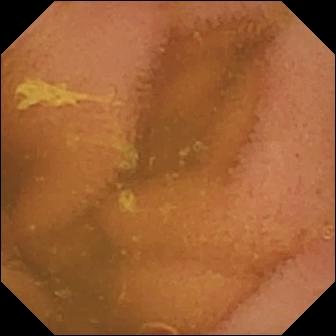Q: What does this video capsule endoscopy still of the small intestine show?
A: Normal clean mucosa.